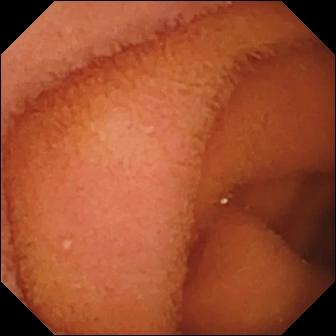This small-bowel capsule endoscopy snapshot of the small bowel shows normal clean mucosa.